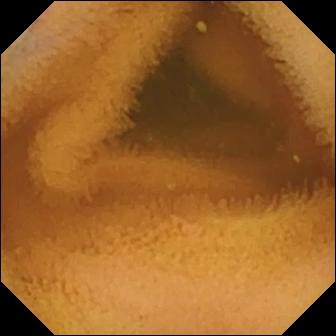PROCEDURE: Capsule endoscopy.
FINDINGS: Normal clean mucosa.